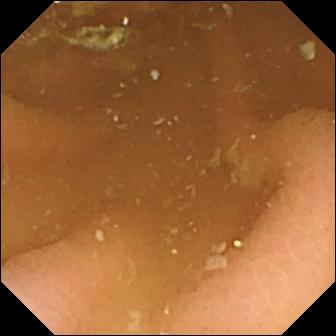Pylorus region (the junction between the stomach and the small bowel).